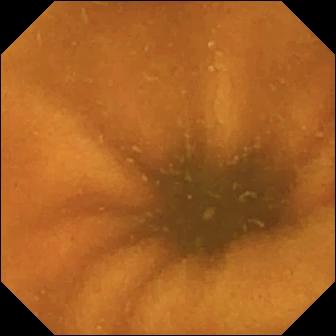Q: What does this capsule endoscopy image show?
A: Normal clean mucosa.